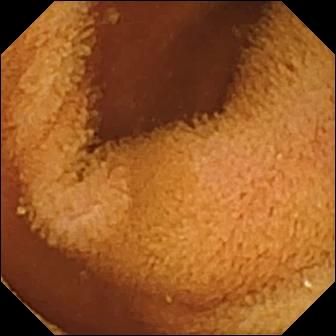Capsule endoscopy frame. Normal clean mucosa.